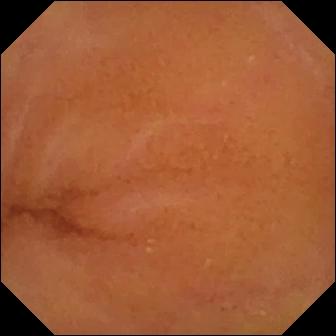PROCEDURE: WCE.
SEGMENT: Small intestine.
FINDINGS: Normal clean mucosa.